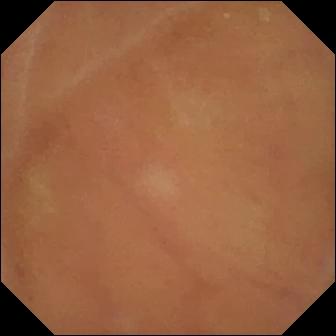Wireless capsule endoscopy snapshot, small bowel
Finding: normal clean mucosa